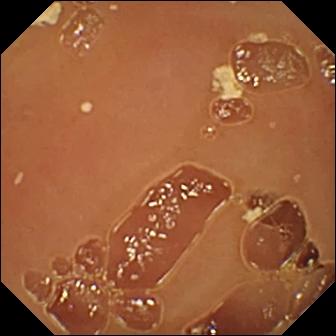modality: WCE; segment: small intestine; finding: normal clean mucosa